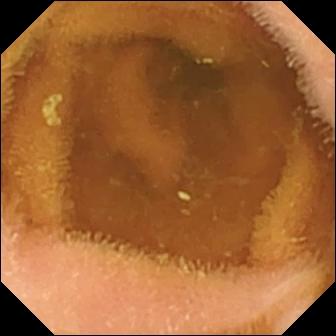{"modality": "VCE", "finding": "normal clean mucosa"}